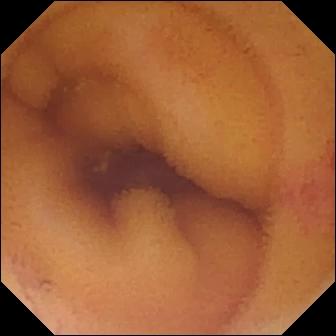Small-bowel capsule endoscopy — angiectasia.